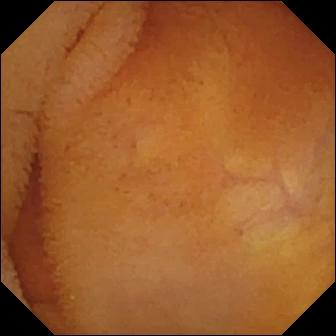- modality: WCE
- category: luminal finding
- impression: normal clean mucosa